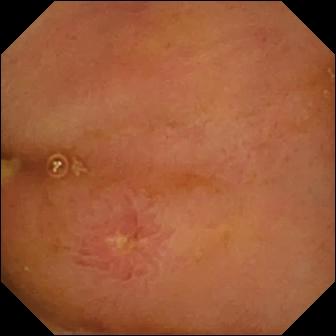Q: What does this wireless capsule endoscopy image show?
A: Ulcer.